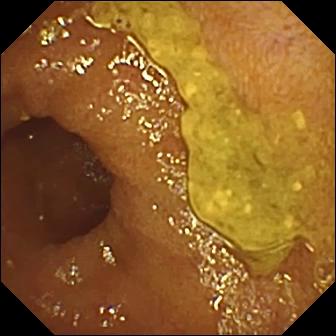PROCEDURE: Small-bowel capsule endoscopy.
POSITION: Ileo-cecal valve region.